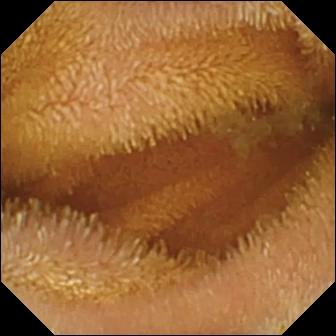Normal clean mucosa.